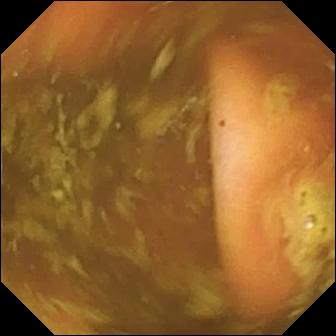Small-bowel capsule endoscopy view, 336×336. Taken in the ileo-cecal valve region (the transition from the small bowel to the large bowel).